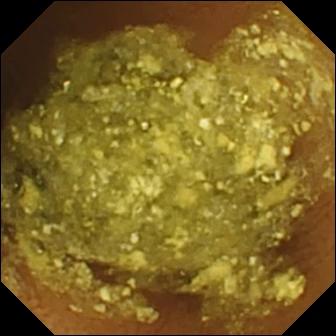Normal clean mucosa (336×336).